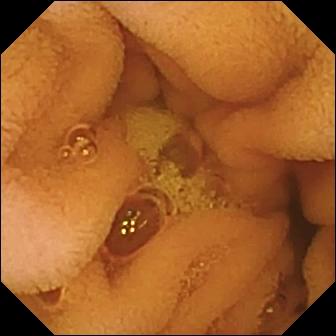WCE frame, small bowel
Impression: normal clean mucosa